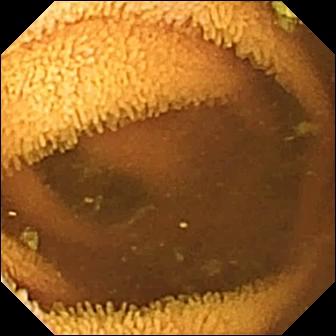modality: VCE; segment: small bowel; category: luminal finding; impression: normal clean mucosa